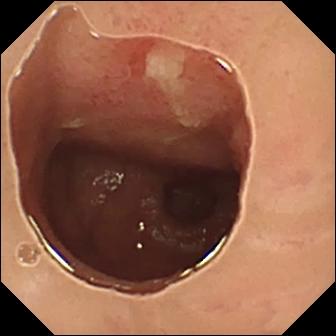- modality: video capsule endoscopy
- observation: ulcer